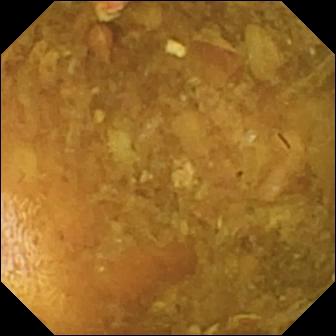- modality: small-bowel capsule endoscopy
- segment: small bowel
- label: reduced mucosal view (content or bubbles obscuring the mucosa)